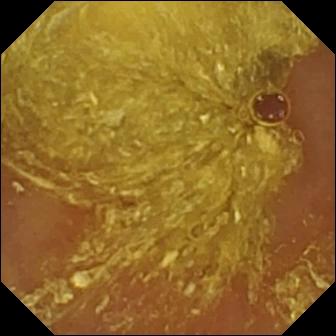modality: capsule endoscopy | category: luminal finding | observation: reduced mucosal view (content or bubbles obscuring the mucosa)